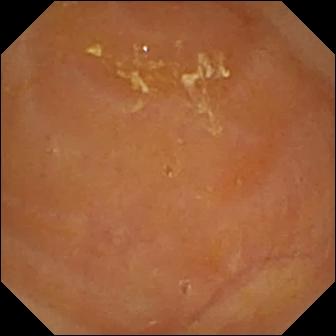modality: VCE; category: luminal finding; observation: reduced mucosal view (content or bubbles obscuring the mucosa)